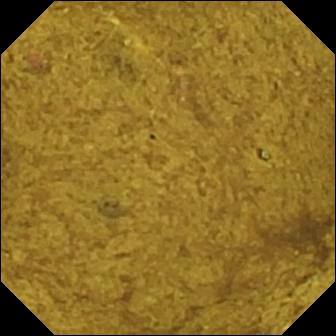{"modality": "VCE", "category": "anatomical landmark", "label": "ileo-cecal valve region"}